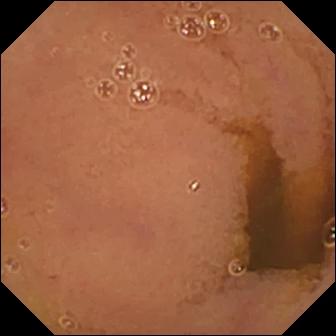Normal clean mucosa — capsule endoscopy snapshot of the small bowel.